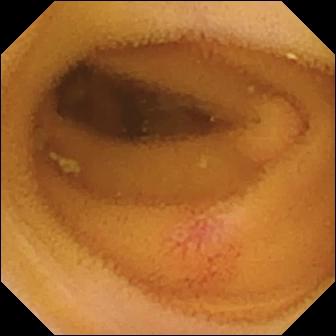Video capsule endoscopy snapshot showing angiectasia.